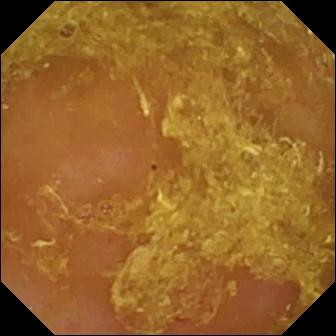PROCEDURE: Wireless capsule endoscopy.
SEGMENT: Small bowel.
FINDINGS: Reduced mucosal view (content or bubbles obscuring the mucosa).